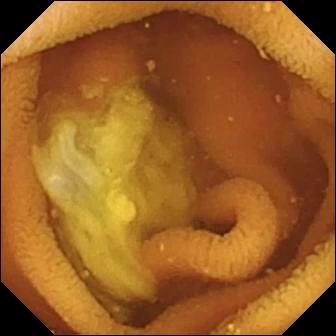Normal clean mucosa (336×336).